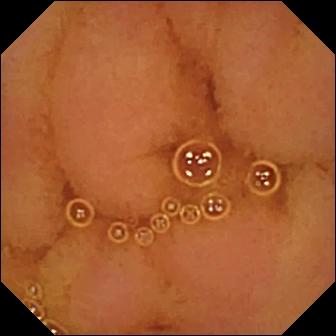Normal clean mucosa — wireless capsule endoscopy snapshot of the small bowel.